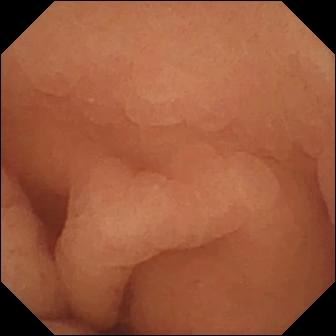Q: What does this VCE image show?
A: Normal clean mucosa.